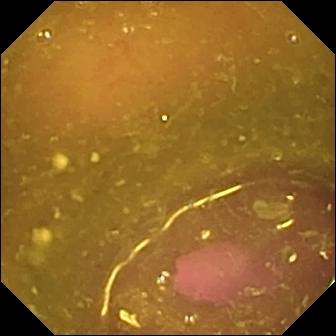Capsule endoscopy view. Reduced mucosal view (content or bubbles obscuring the mucosa).